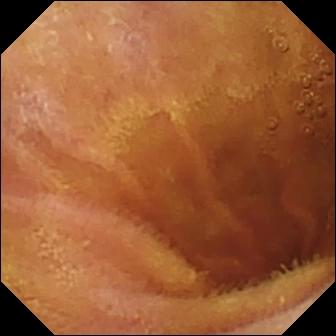- modality: video capsule endoscopy
- observation: normal clean mucosa